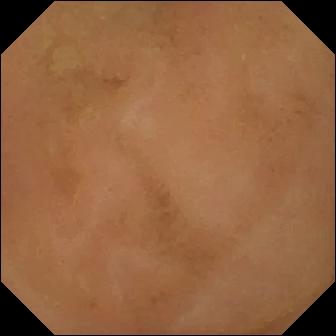- modality: VCE
- label: normal clean mucosa